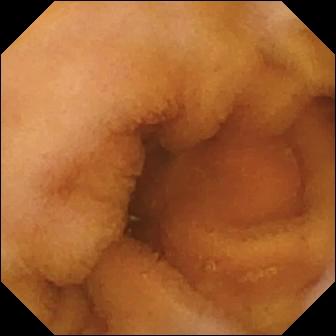Normal clean mucosa — video capsule endoscopy still of the small intestine.